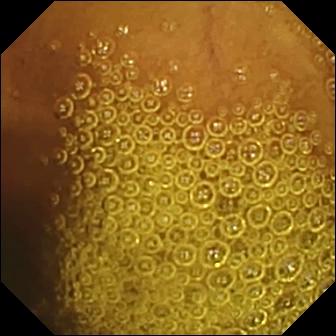This VCE image shows normal clean mucosa.